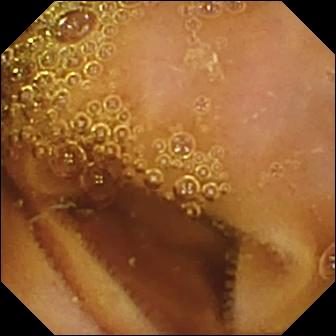- modality: VCE
- segment: small bowel
- category: luminal finding
- observation: normal clean mucosa